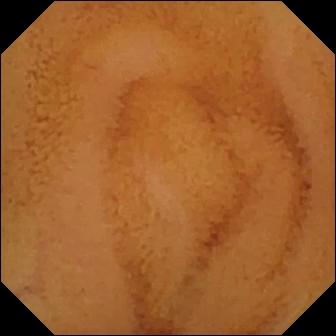Normal clean mucosa.